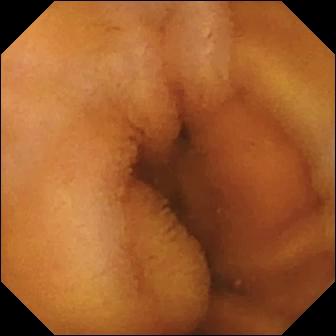Small-bowel capsule endoscopy view (small bowel). Normal clean mucosa.